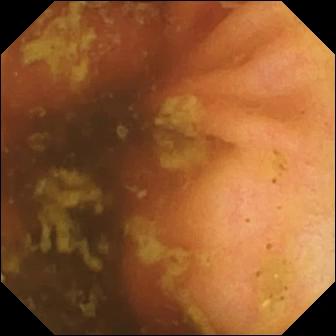Ileo-cecal valve region (the transition from the small bowel to the large bowel).